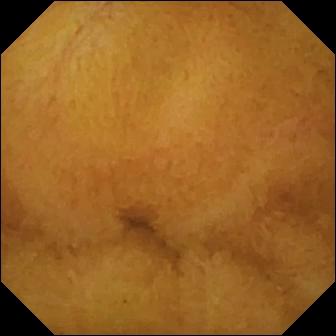modality: capsule endoscopy; label: normal clean mucosa